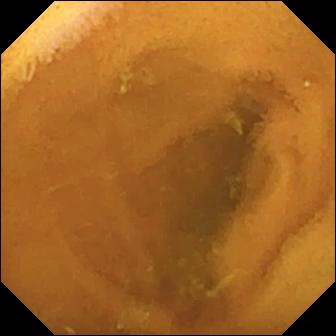{"modality": "video capsule endoscopy", "segment": "small intestine", "finding": "normal clean mucosa"}